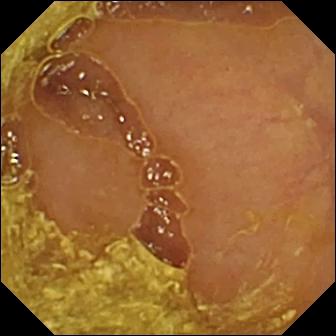Video capsule endoscopy view. Reduced mucosal view (content or bubbles obscuring the mucosa).